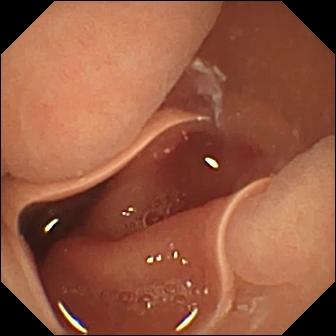WCE frame showing normal clean mucosa.